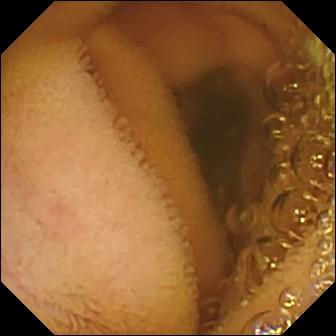This wireless capsule endoscopy snapshot of the small bowel shows normal clean mucosa.